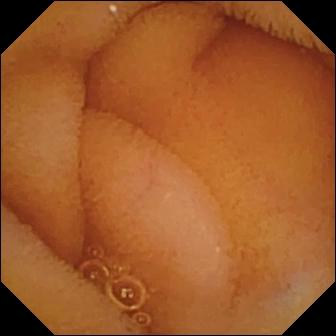{"modality": "small-bowel capsule endoscopy", "segment": "small bowel", "category": "luminal finding", "finding": "normal clean mucosa"}